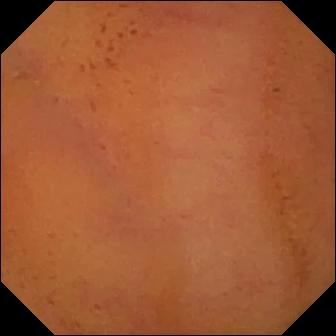- modality: video capsule endoscopy
- label: normal clean mucosa